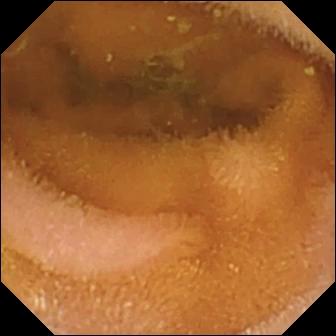Small-bowel capsule endoscopy. Finding: normal clean mucosa.